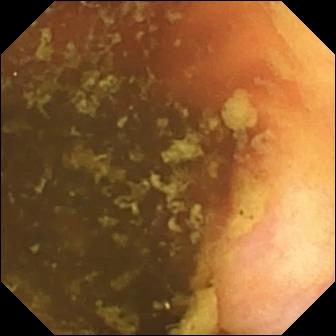Video capsule endoscopy. Position: ileo-cecal valve region.